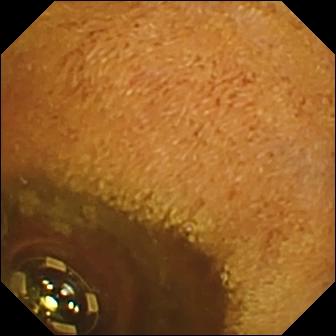- modality: WCE
- category: luminal finding
- label: foreign body (e.g. retained capsule, tablet residue)